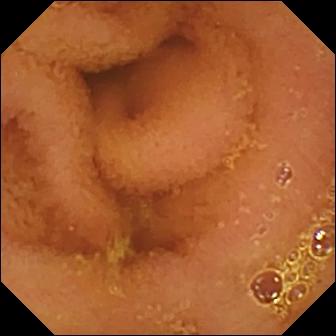This wireless capsule endoscopy view of the small bowel shows normal clean mucosa.